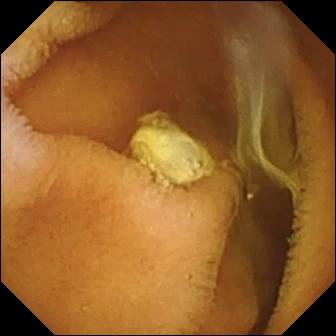This wireless capsule endoscopy still of the small intestine shows normal clean mucosa.